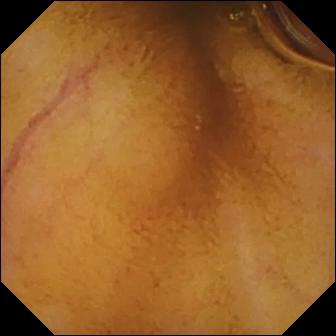Q: What does this wireless capsule endoscopy snapshot show?
A: Normal clean mucosa.